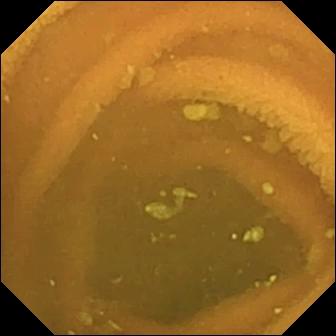modality: video capsule endoscopy; segment: small intestine; category: luminal finding; impression: normal clean mucosa